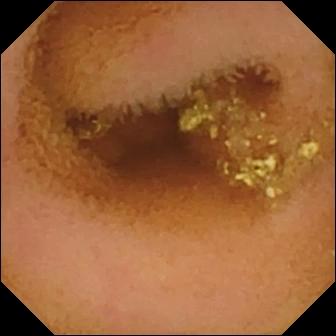VCE. Finding: normal clean mucosa.